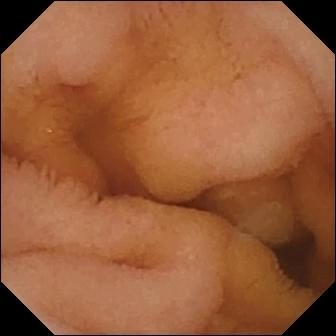Wireless capsule endoscopy snapshot
Label: normal clean mucosa